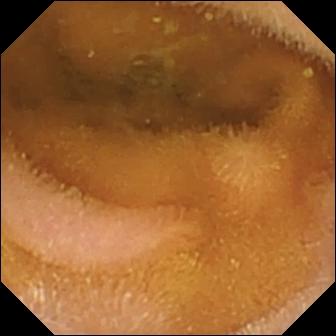Small-bowel capsule endoscopy view of the small intestine showing normal clean mucosa.